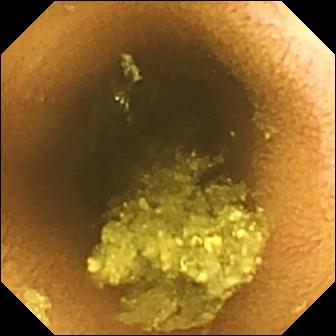This video capsule endoscopy frame shows normal clean mucosa.